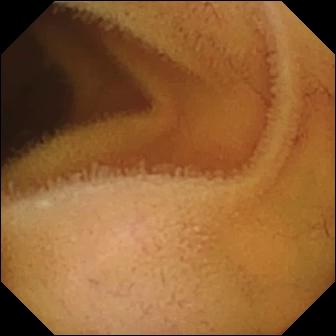PROCEDURE: Capsule endoscopy.
FINDINGS: Normal clean mucosa.